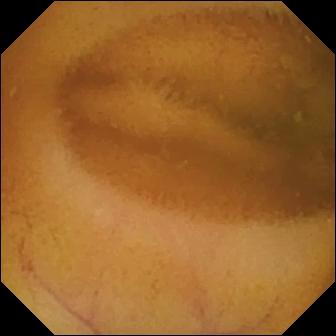Normal clean mucosa — wireless capsule endoscopy view.